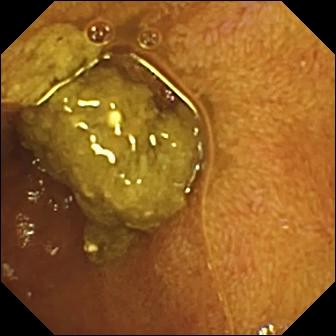Small-bowel capsule endoscopy still taken in the ileo-cecal valve region.